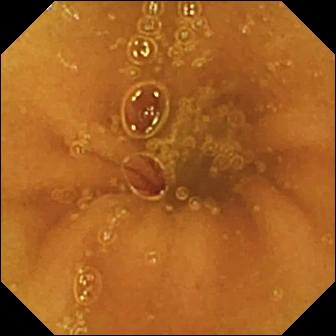Normal clean mucosa.